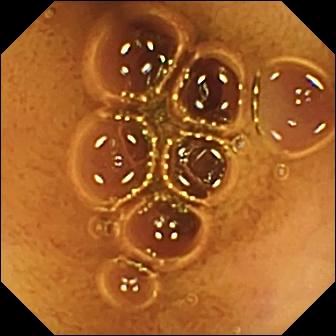- modality: small-bowel capsule endoscopy
- segment: small intestine
- impression: normal clean mucosa